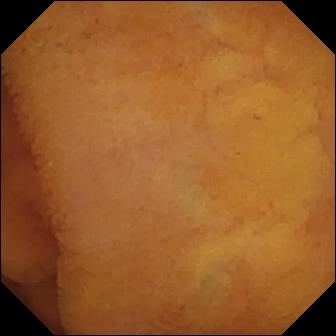Normal clean mucosa — WCE view of the small bowel.